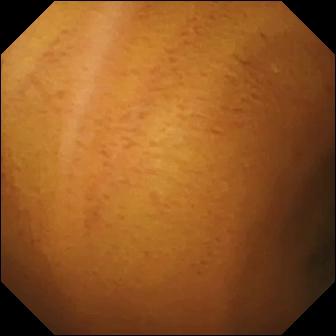Normal clean mucosa (336×336).